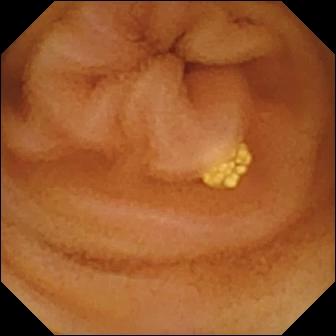Small-bowel capsule endoscopy still, 336×336. Lymphangiectasia.